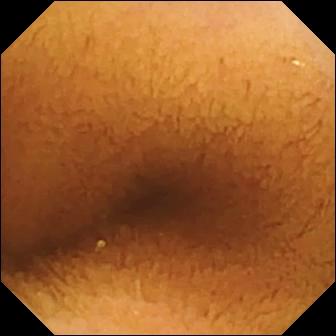Capsule endoscopy — normal clean mucosa.